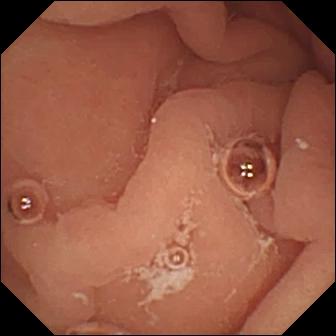modality: video capsule endoscopy; category: anatomical landmark; label: pylorus region